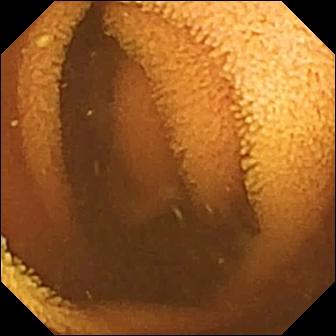{"modality": "VCE", "finding": "normal clean mucosa"}